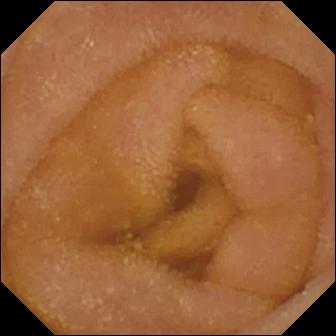This VCE snapshot shows normal clean mucosa.